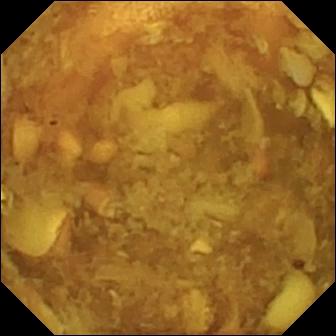modality: WCE | segment: small bowel | impression: reduced mucosal view (content or bubbles obscuring the mucosa)